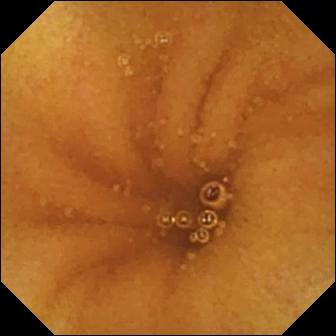{"modality": "WCE", "category": "luminal finding", "finding": "normal clean mucosa"}